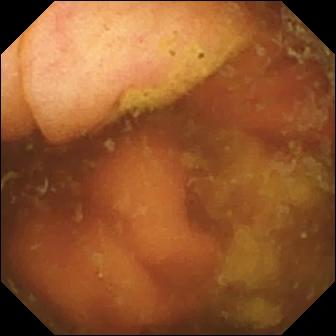Q: Where in the digestive tract was this WCE still taken?
A: Ileo-cecal valve region (the transition from the small bowel to the large bowel).